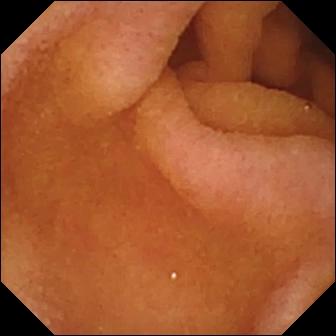Pylorus region (the junction between the stomach and the small bowel).